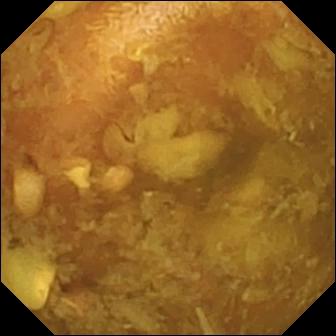Reduced mucosal view (content or bubbles obscuring the mucosa).